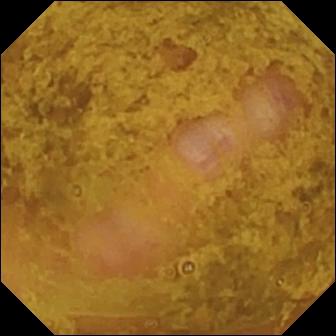PROCEDURE: Capsule endoscopy.
VIDEO SEGMENT: Ileo-cecal valve region.